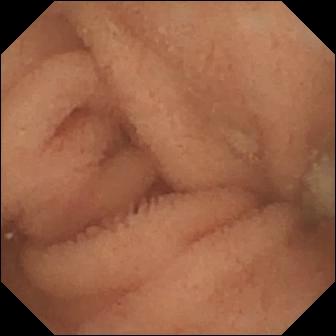Capsule endoscopy. Observation: normal clean mucosa.